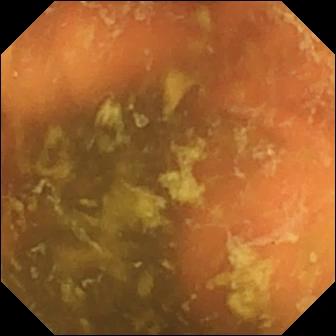{"modality": "WCE", "category": "anatomical landmark", "label": "ileo-cecal valve region (the transition from the small bowel to the large bowel)"}